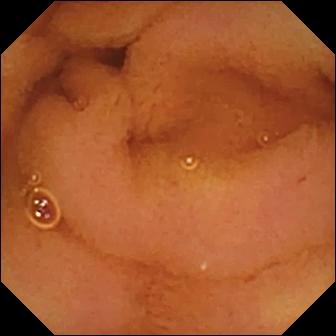Normal clean mucosa (336×336).